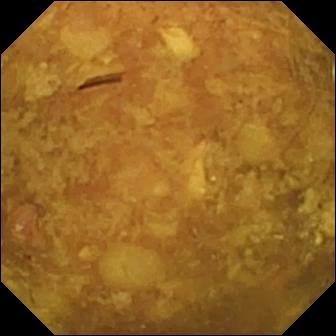This wireless capsule endoscopy view of the small bowel shows reduced mucosal view (content or bubbles obscuring the mucosa).